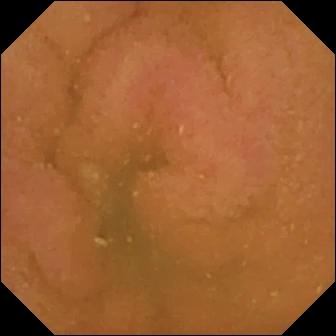Capsule endoscopy. Label: normal clean mucosa.